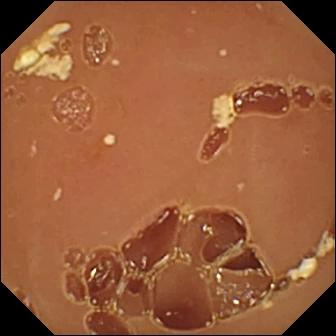Normal clean mucosa — WCE frame of the small bowel.